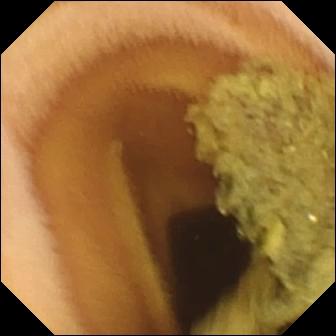WCE. Small intestine. Finding: normal clean mucosa.